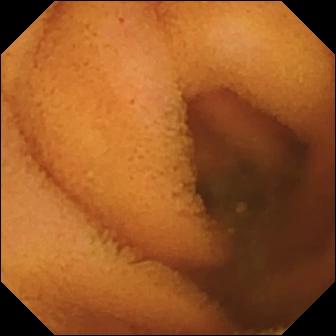Normal clean mucosa (336×336).